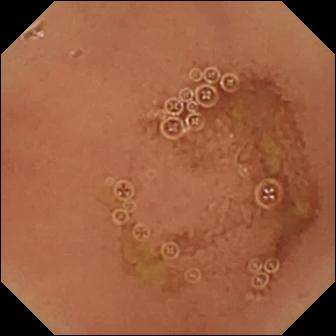Capsule endoscopy — normal clean mucosa.